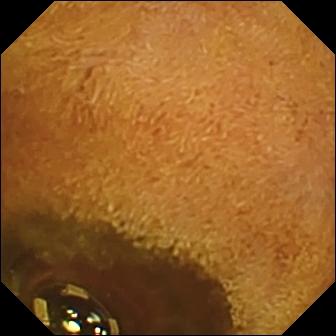modality: capsule endoscopy | label: foreign body (e.g. retained capsule, tablet residue)